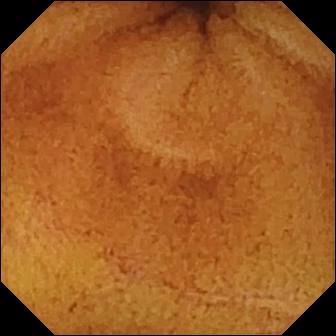Normal clean mucosa — video capsule endoscopy view of the small bowel.